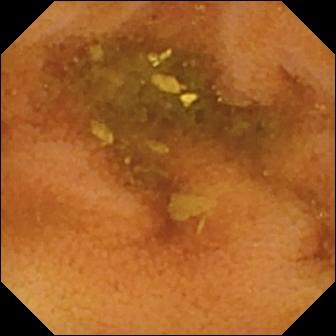VCE view (small bowel). Normal clean mucosa.